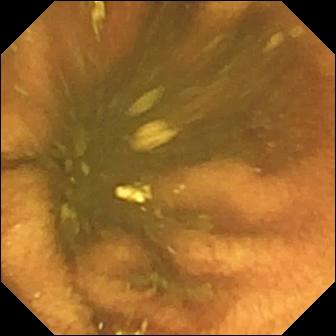modality: video capsule endoscopy; position: ileo-cecal valve region (where the capsule passes from the small bowel into the large bowel)